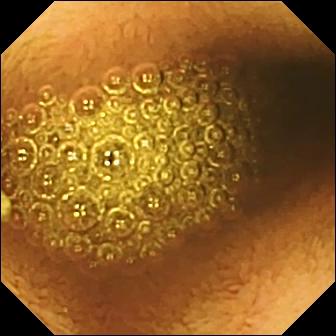Q: What does this video capsule endoscopy still show?
A: Reduced mucosal view (content or bubbles obscuring the mucosa).